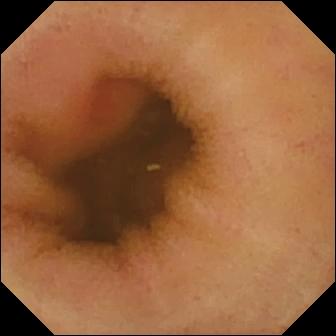WCE image
Finding: erythema (mucosal redness)